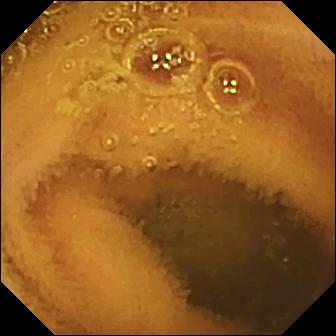VCE frame of the small intestine showing normal clean mucosa.